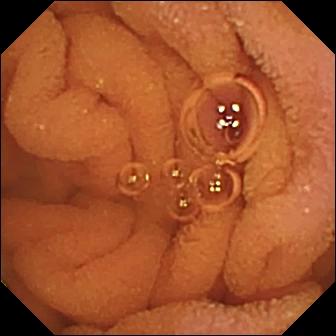WCE. Small bowel. Observation: normal clean mucosa.